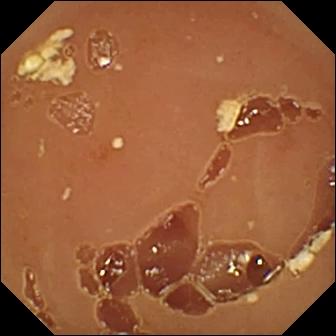Normal clean mucosa (336×336).